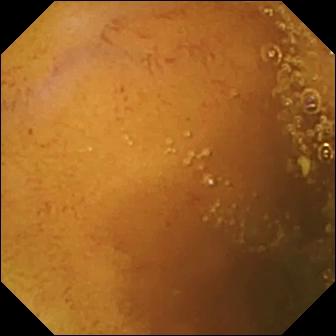Small-bowel capsule endoscopy snapshot (small intestine). Normal clean mucosa.